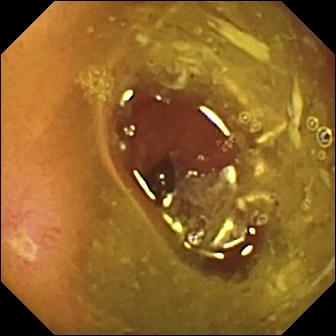modality: VCE
impression: ulcer